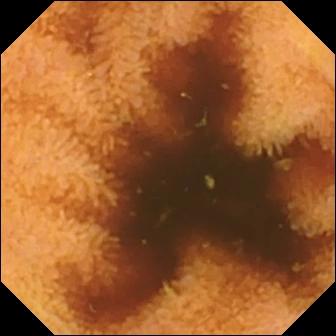- modality: small-bowel capsule endoscopy
- finding: normal clean mucosa